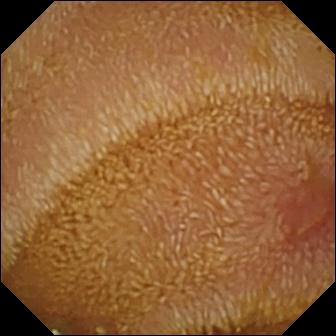Q: What does this small-bowel capsule endoscopy image show?
A: Erosion.